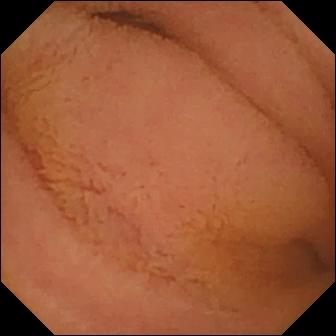{"modality": "small-bowel capsule endoscopy", "finding": "normal clean mucosa"}